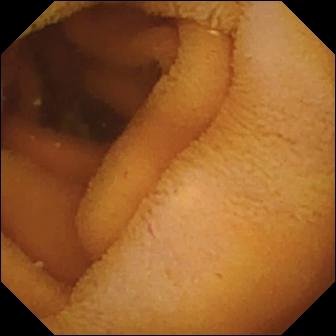Video capsule endoscopy. Small bowel. Finding: normal clean mucosa.